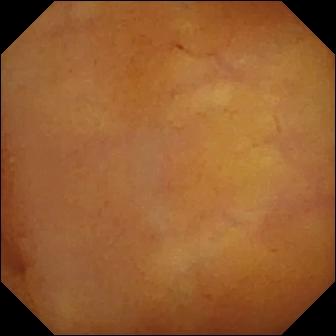Capsule endoscopy. Small bowel. Observation: normal clean mucosa.